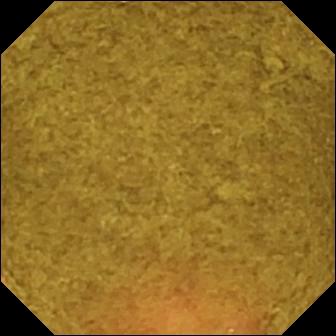Small-bowel capsule endoscopy image. Taken in the ileo-cecal valve region (where the capsule passes from the small bowel into the large bowel).